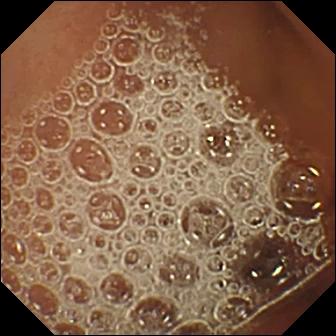VCE image showing normal clean mucosa.